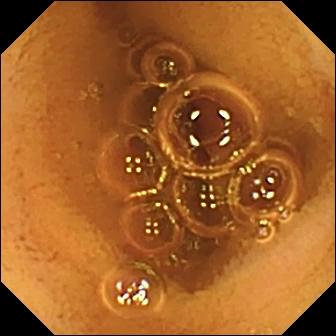- modality: VCE
- observation: normal clean mucosa